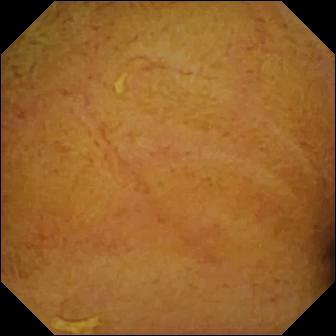modality: WCE
segment: small bowel
category: luminal finding
label: normal clean mucosa